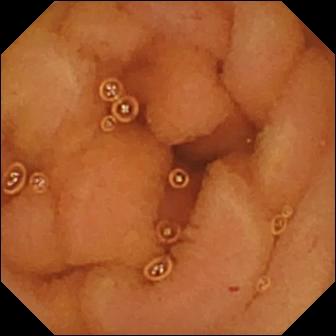Q: What does this small-bowel capsule endoscopy snapshot show?
A: Normal clean mucosa.